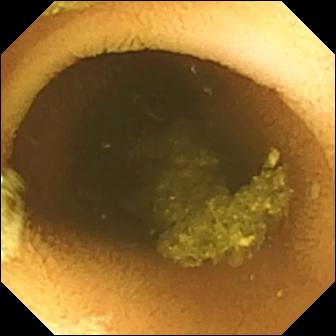- modality: capsule endoscopy
- finding: normal clean mucosa